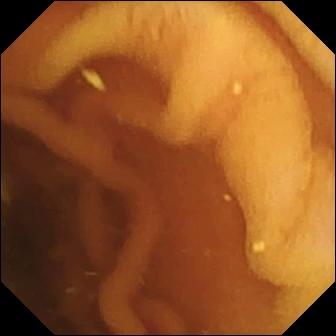WCE view showing normal clean mucosa.